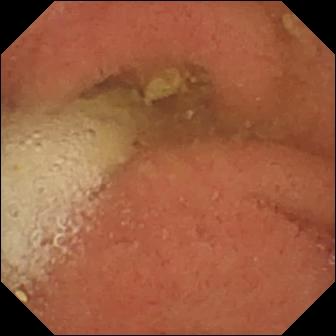Capsule endoscopy still taken in the pylorus region.